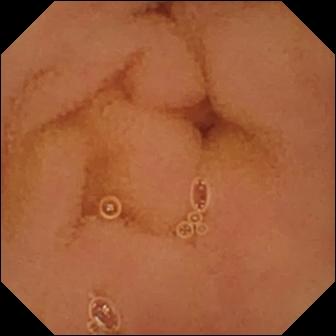Capsule endoscopy snapshot
Impression: normal clean mucosa